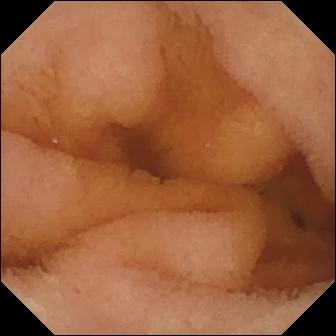Q: What does this VCE image of the small bowel show?
A: Normal clean mucosa.